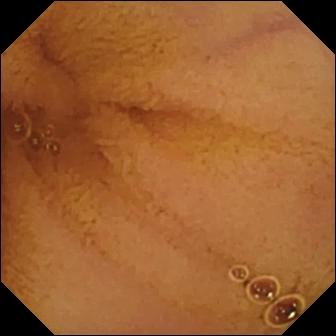Normal clean mucosa — WCE frame of the small bowel.